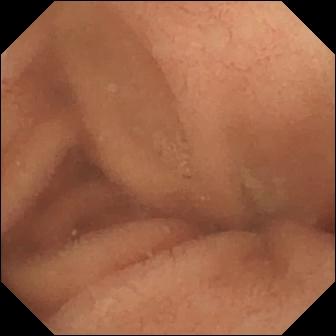Wireless capsule endoscopy — normal clean mucosa.